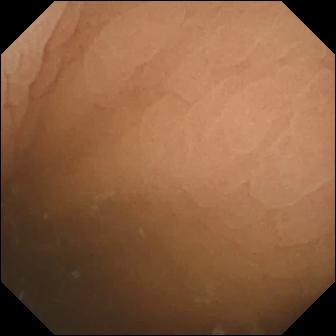Video capsule endoscopy view
Position: pylorus region